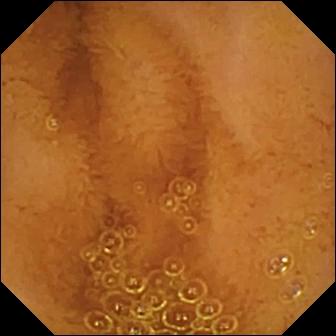{"modality": "VCE", "segment": "small intestine", "finding": "normal clean mucosa"}